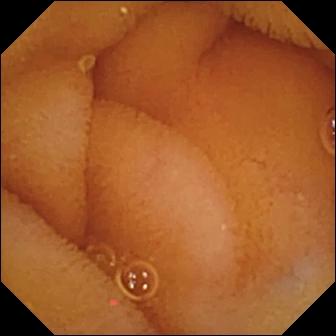This VCE still of the small intestine shows normal clean mucosa.